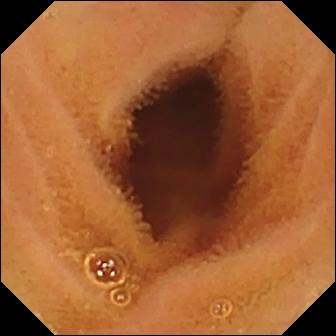Normal clean mucosa — WCE frame of the small bowel.